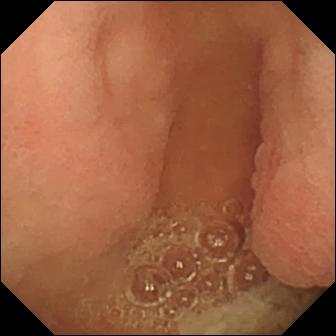Capsule endoscopy — pylorus region.